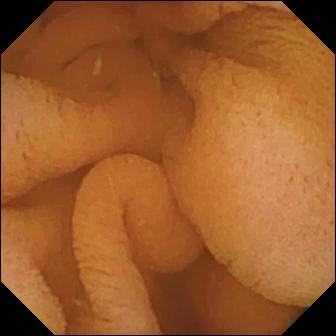Normal clean mucosa — capsule endoscopy still.